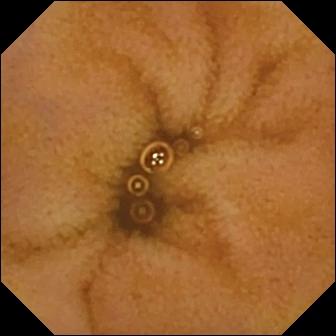VCE — normal clean mucosa.